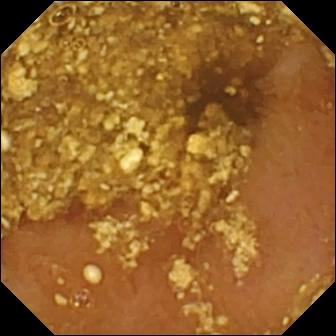Q: What does this capsule endoscopy frame of the small intestine show?
A: Reduced mucosal view (content or bubbles obscuring the mucosa).